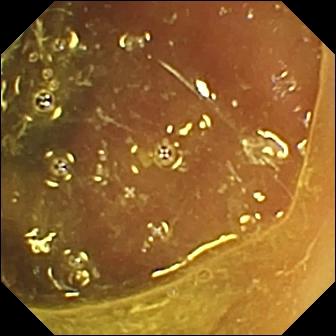VCE — ileo-cecal valve region (the transition from the small bowel to the large bowel).